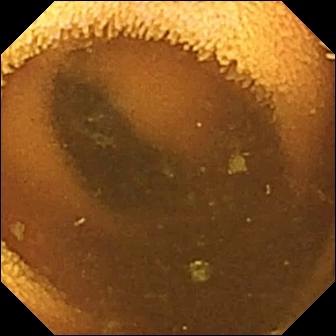WCE — normal clean mucosa.